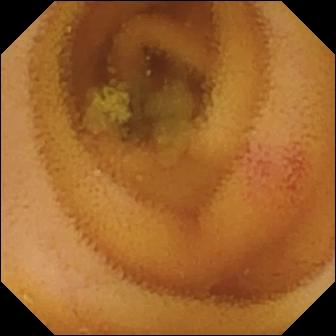VCE still
Impression: angiectasia